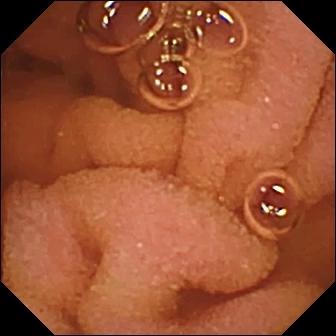Normal clean mucosa.